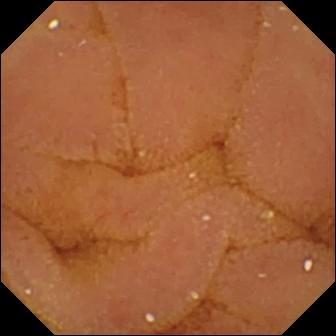WCE frame showing normal clean mucosa.